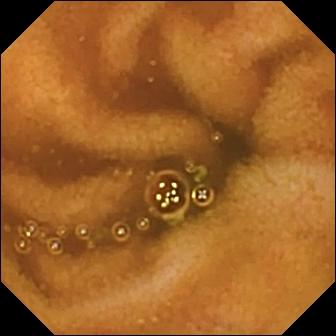Normal clean mucosa — capsule endoscopy frame of the small intestine.